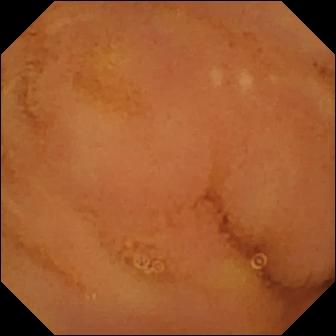Normal clean mucosa.